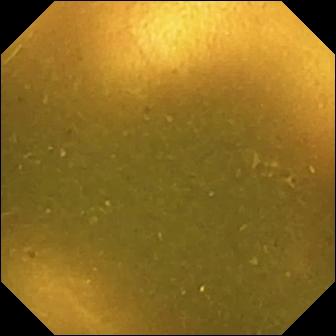- modality: WCE
- label: ileo-cecal valve region